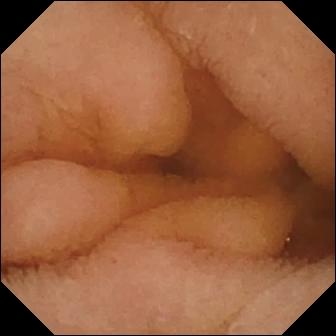Normal clean mucosa — wireless capsule endoscopy view of the small intestine.